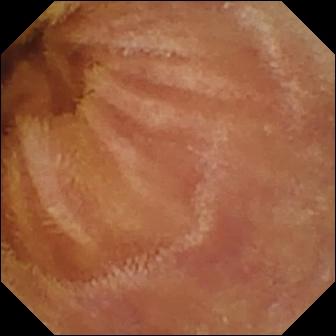Wireless capsule endoscopy still
Impression: normal clean mucosa